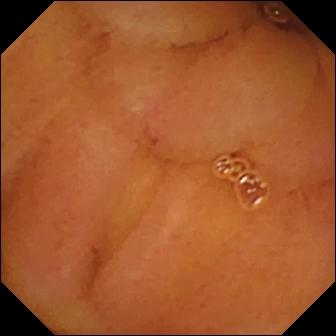Video capsule endoscopy still showing normal clean mucosa.